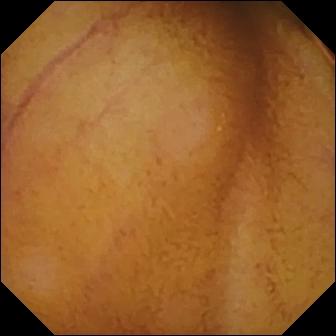modality: capsule endoscopy | segment: small bowel | finding: normal clean mucosa